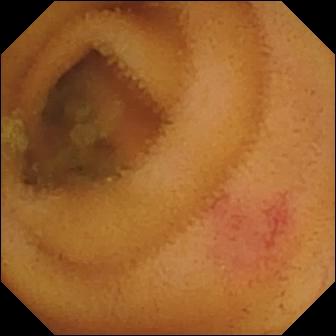Video capsule endoscopy frame
Finding: angiectasia